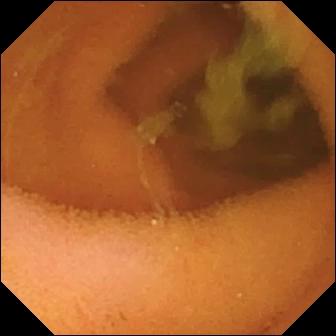PROCEDURE: Small-bowel capsule endoscopy.
FINDINGS: Normal clean mucosa.